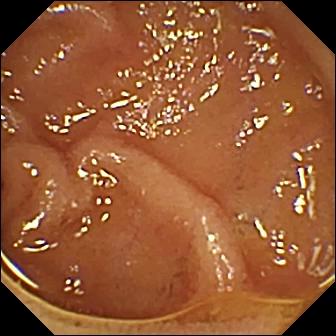{"modality": "WCE", "segment": "small intestine", "finding": "normal clean mucosa"}